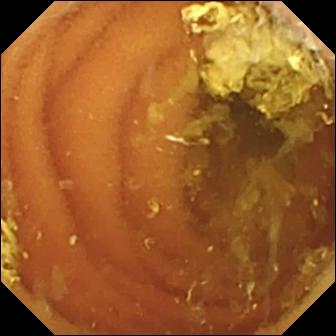VCE frame. Normal clean mucosa.